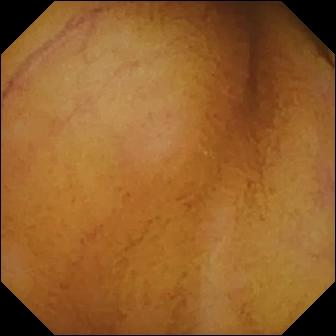Normal clean mucosa — WCE frame of the small bowel.